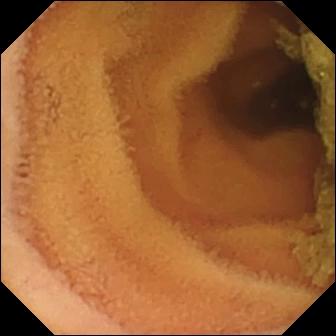Q: What does this video capsule endoscopy still of the small bowel show?
A: Normal clean mucosa.